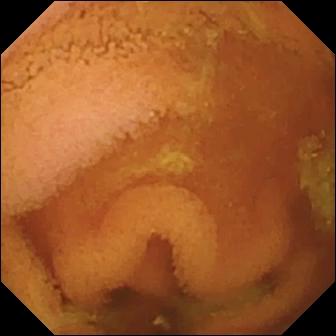PROCEDURE: Capsule endoscopy.
SEGMENT: Small bowel.
FINDINGS: Normal clean mucosa.